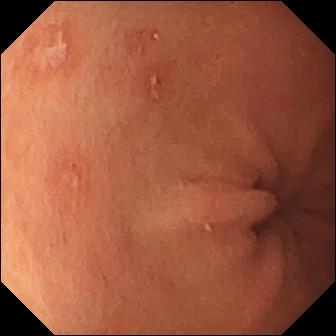Capsule endoscopy still, 336×336. Erosion.